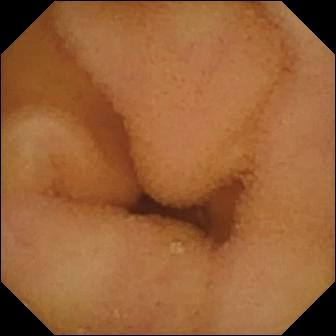{"modality": "capsule endoscopy", "segment": "small intestine", "finding": "normal clean mucosa"}